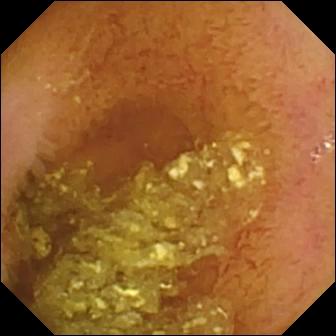Capsule endoscopy view, small intestine
Observation: normal clean mucosa